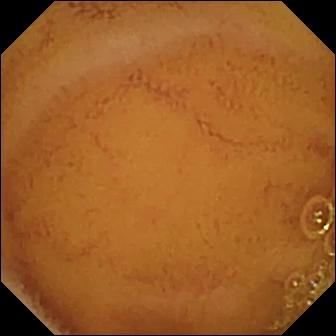Wireless capsule endoscopy frame
Finding: normal clean mucosa